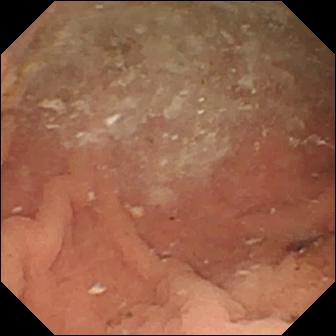This wireless capsule endoscopy image shows angiectasia.